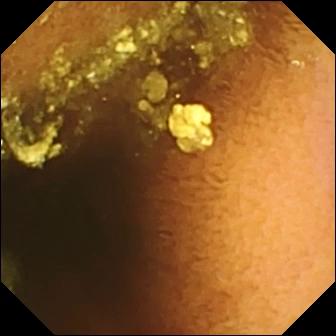Q: What does this wireless capsule endoscopy image show?
A: Normal clean mucosa.